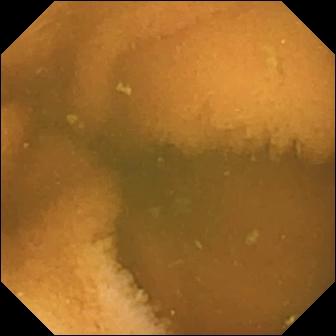Small-bowel capsule endoscopy. Small bowel. Finding: normal clean mucosa.